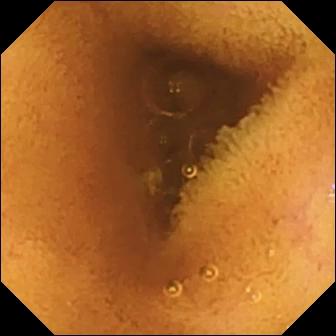WCE image. Normal clean mucosa.